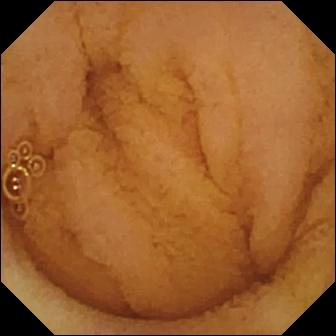Q: What does this WCE still show?
A: Normal clean mucosa.